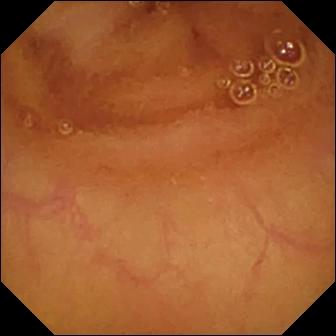This VCE image shows normal clean mucosa.